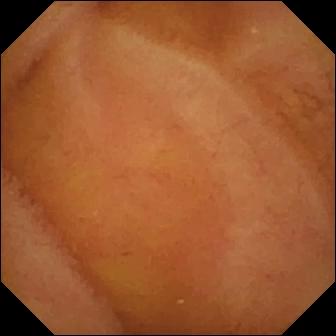modality: small-bowel capsule endoscopy
category: luminal finding
impression: normal clean mucosa